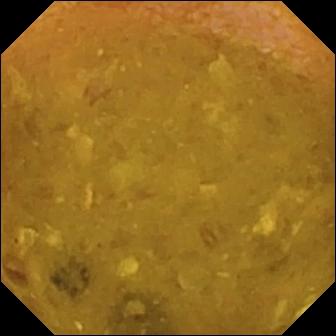{"modality": "small-bowel capsule endoscopy", "segment": "small bowel", "category": "luminal finding", "finding": "reduced mucosal view (content or bubbles obscuring the mucosa)"}